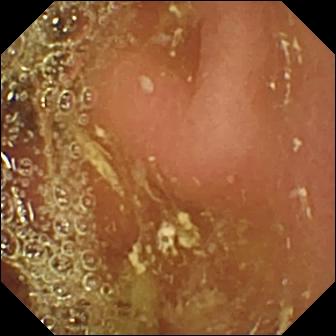PROCEDURE: Video capsule endoscopy.
VIDEO SEGMENT: Pylorus region (where the capsule passes from the stomach into the small bowel).